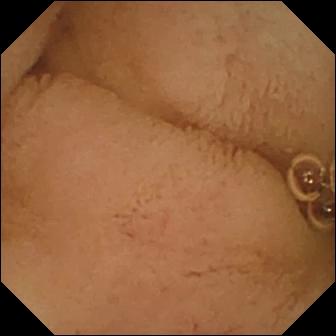- modality: wireless capsule endoscopy
- location: pylorus region